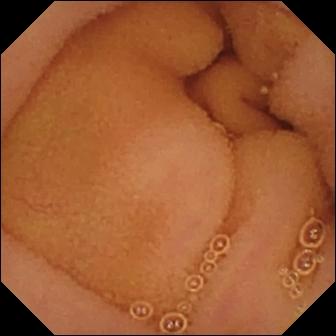VCE image. Normal clean mucosa.